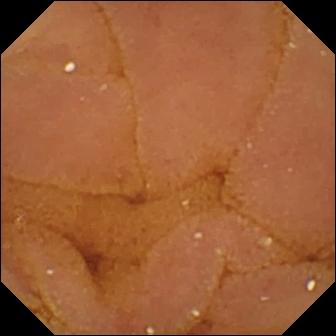modality: WCE; finding: normal clean mucosa